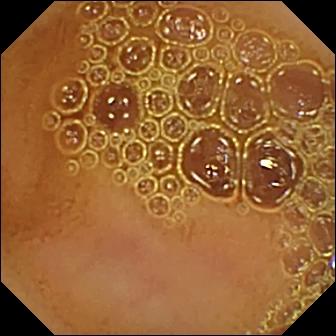Wireless capsule endoscopy. Observation: normal clean mucosa.